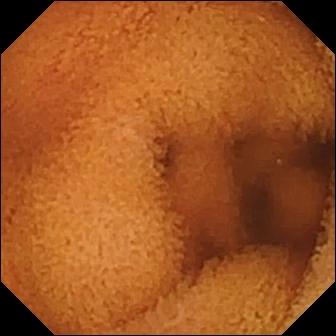Normal clean mucosa — VCE still of the small intestine.